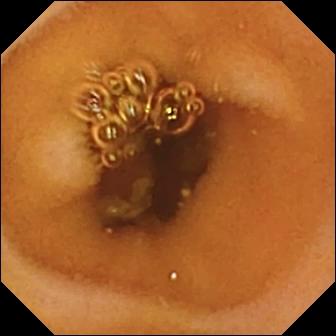WCE image, small bowel
Observation: normal clean mucosa